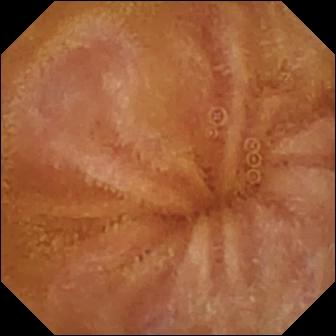Wireless capsule endoscopy still, 336×336. Normal clean mucosa.